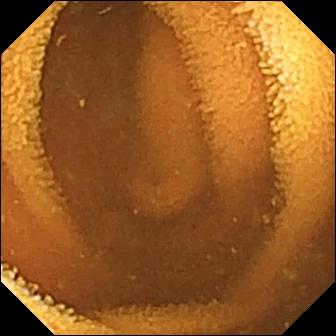Normal clean mucosa — wireless capsule endoscopy image.